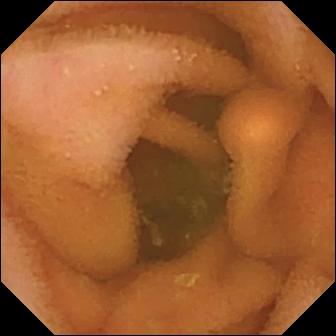Wireless capsule endoscopy — normal clean mucosa.